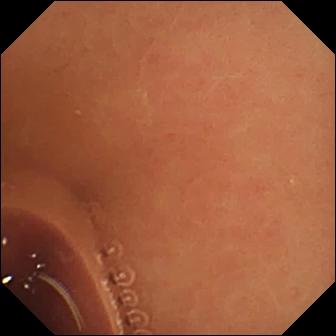Q: What does this capsule endoscopy snapshot show?
A: Normal clean mucosa.